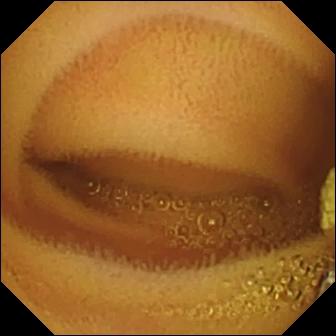- modality: capsule endoscopy
- finding: lymphangiectasia